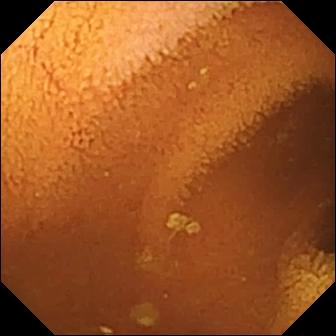modality: video capsule endoscopy
observation: normal clean mucosa